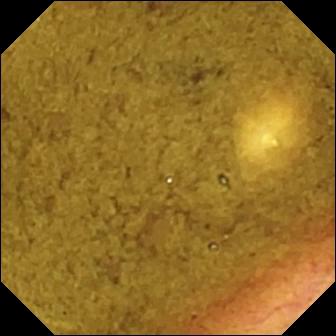{"modality": "wireless capsule endoscopy", "location": "ileo-cecal valve region (where the capsule passes from the small bowel into the large bowel)"}